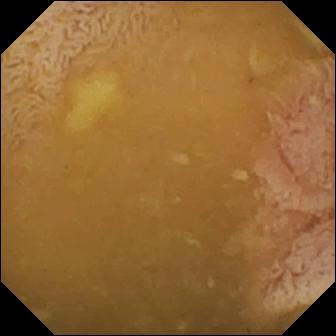VCE. Position: ileo-cecal valve region.